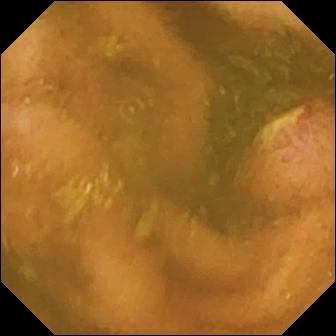WCE — ulcer.